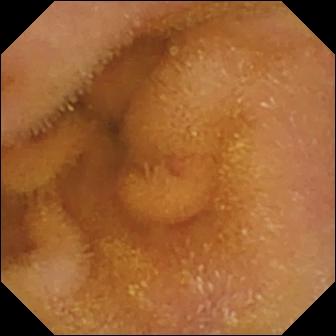Capsule endoscopy image
Label: normal clean mucosa